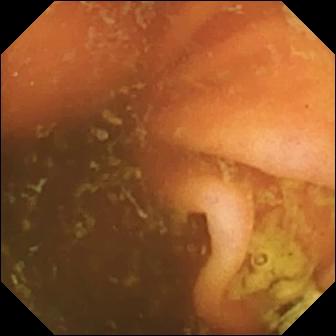Ileo-cecal valve region (the transition from the small bowel to the large bowel).